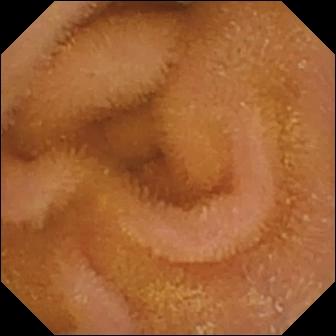Small-bowel capsule endoscopy frame showing normal clean mucosa.